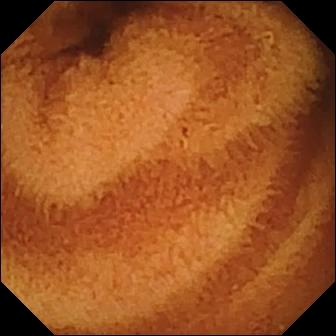This video capsule endoscopy snapshot of the small intestine shows normal clean mucosa.